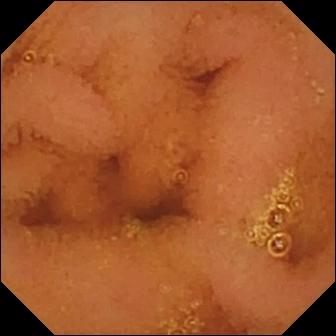WCE still showing normal clean mucosa.